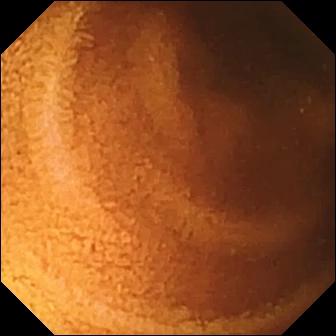Capsule endoscopy image showing normal clean mucosa.